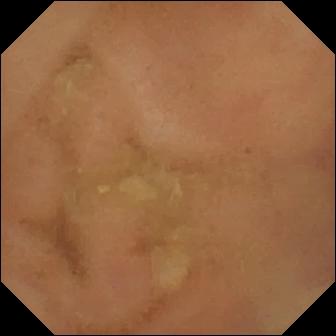Q: What does this small-bowel capsule endoscopy snapshot of the small intestine show?
A: Normal clean mucosa.